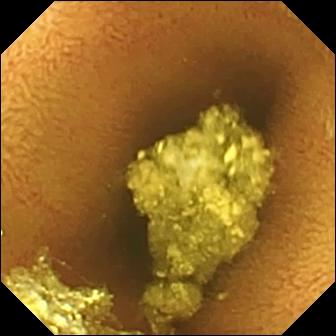Video capsule endoscopy — normal clean mucosa.